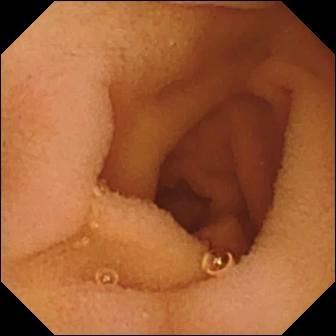{"modality": "VCE", "finding": "normal clean mucosa"}